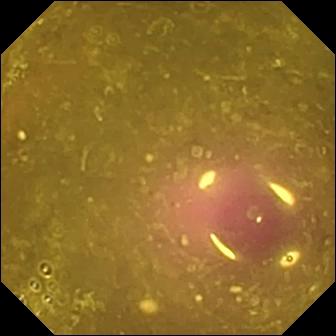Video capsule endoscopy snapshot, small intestine
Label: reduced mucosal view (content or bubbles obscuring the mucosa)